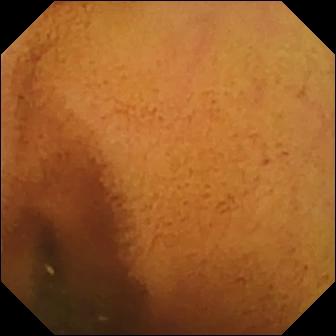Video capsule endoscopy — normal clean mucosa.